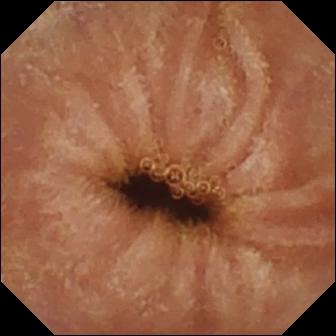Small-bowel capsule endoscopy snapshot, small bowel
Observation: normal clean mucosa